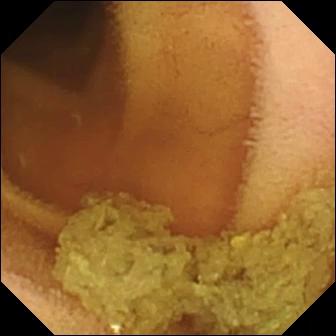WCE. Finding: normal clean mucosa.